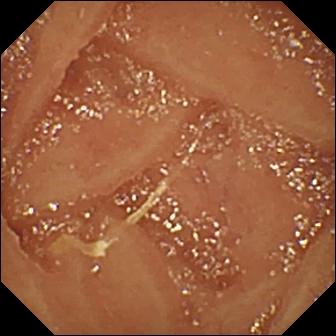{"modality": "small-bowel capsule endoscopy", "segment": "small intestine", "finding": "normal clean mucosa"}